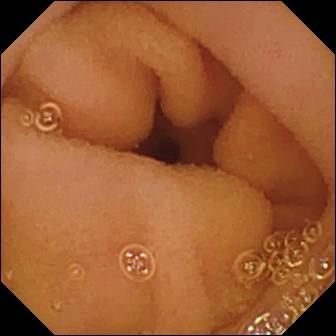This capsule endoscopy view of the small bowel shows normal clean mucosa.